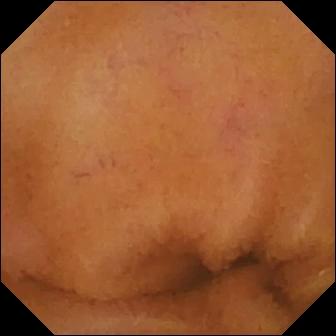Normal clean mucosa — video capsule endoscopy snapshot.